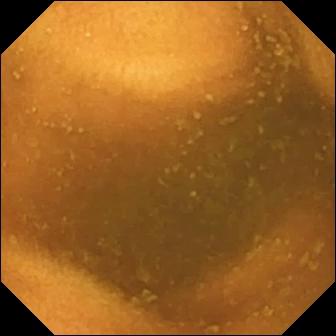modality: WCE | observation: normal clean mucosa